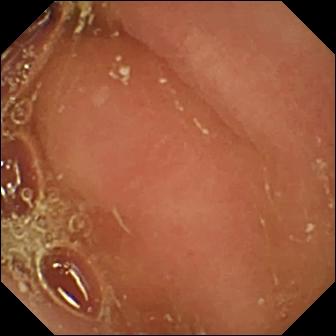Pylorus region (the junction between the stomach and the small bowel) — small-bowel capsule endoscopy still.